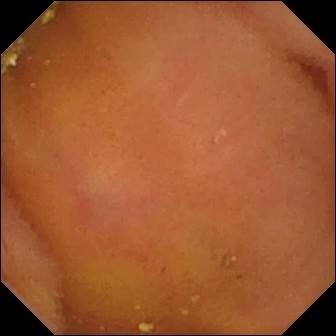Normal clean mucosa (336×336).